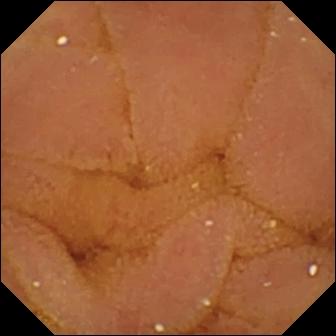PROCEDURE: Capsule endoscopy.
FINDINGS: Normal clean mucosa.